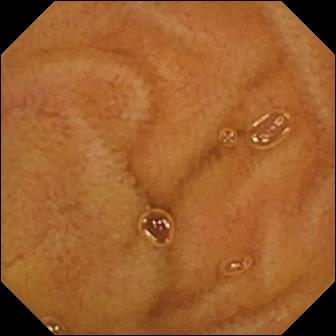Capsule endoscopy frame of the small intestine showing normal clean mucosa.